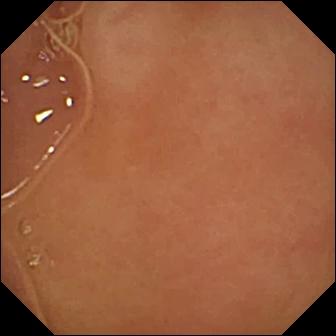Video capsule endoscopy still
Video segment: pylorus region